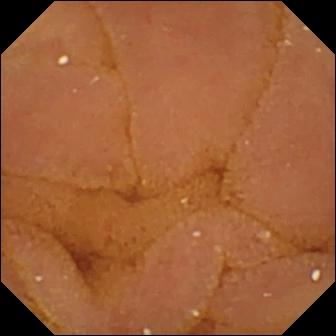Capsule endoscopy image, small bowel
Label: normal clean mucosa